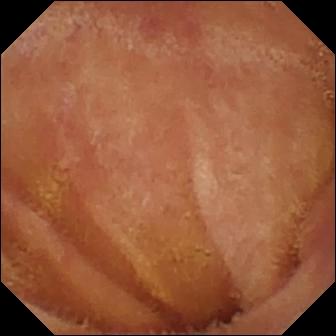VCE frame (small bowel). Normal clean mucosa.